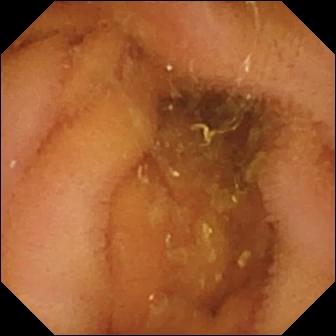modality: small-bowel capsule endoscopy; category: luminal finding; impression: normal clean mucosa